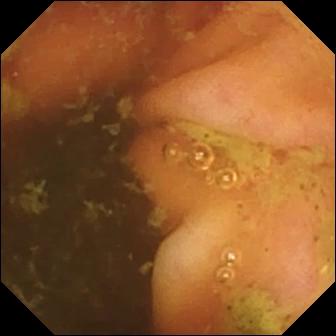This wireless capsule endoscopy image was taken in the ileo-cecal valve region.